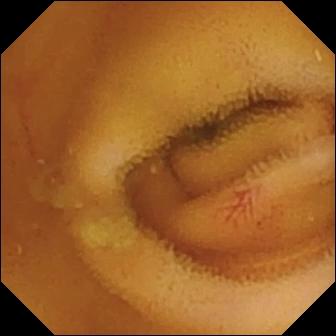Video capsule endoscopy — angiectasia.